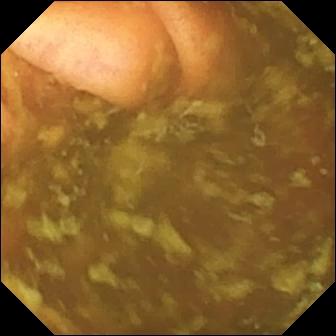- modality: VCE
- label: ileo-cecal valve region